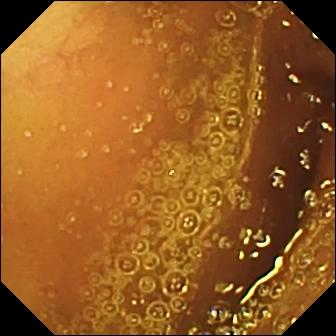VCE frame, 336×336. Normal clean mucosa.